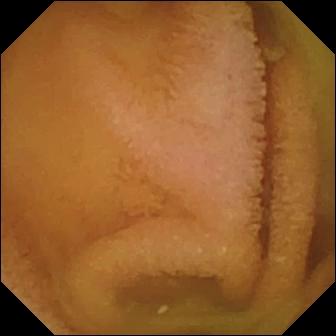Wireless capsule endoscopy image. Normal clean mucosa.